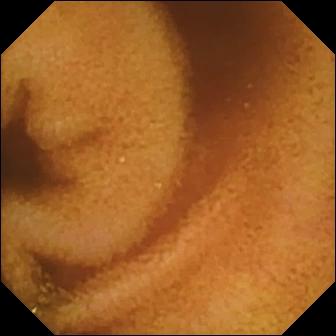VCE frame showing normal clean mucosa.